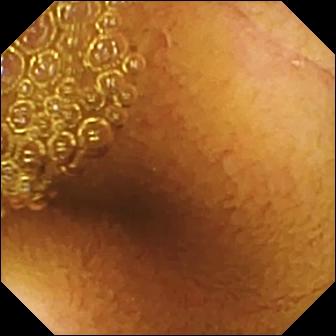{"modality": "WCE", "finding": "normal clean mucosa"}